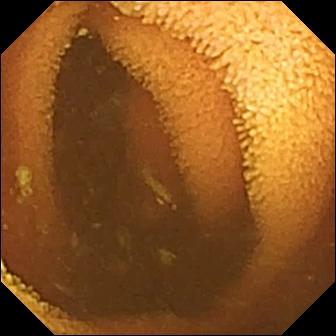{"modality": "capsule endoscopy", "segment": "small intestine", "finding": "normal clean mucosa"}